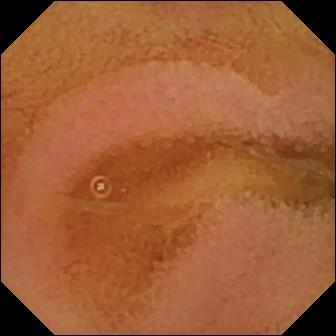Q: What does this WCE frame show?
A: Normal clean mucosa.